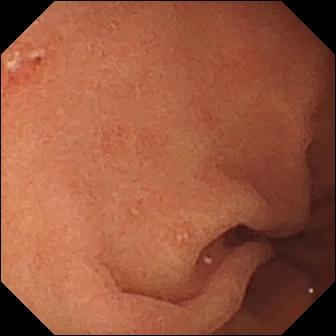Capsule endoscopy frame
Impression: erosion